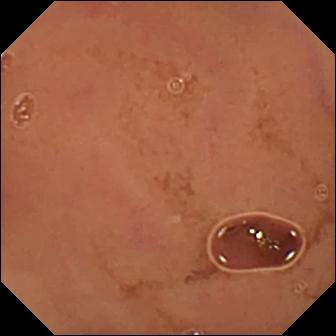PROCEDURE: Capsule endoscopy.
SEGMENT: Small intestine.
FINDINGS: Normal clean mucosa.